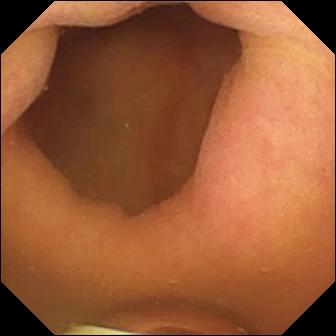VCE view
Finding: foreign body (e.g. retained capsule, tablet residue)